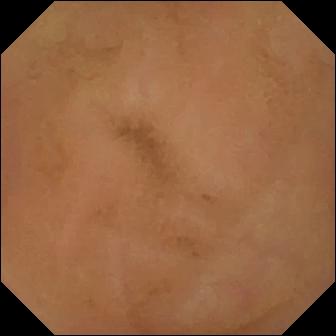Normal clean mucosa (336×336).